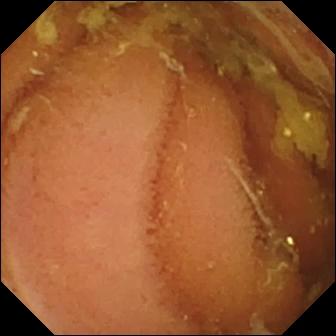VCE view, small intestine
Label: normal clean mucosa